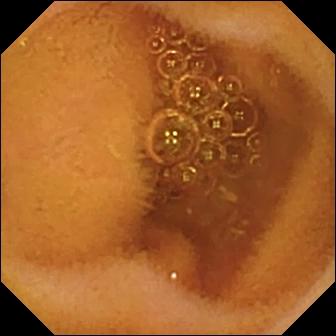Wireless capsule endoscopy snapshot showing normal clean mucosa.